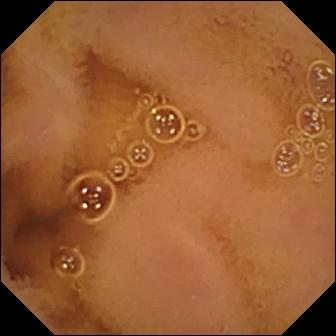Normal clean mucosa — small-bowel capsule endoscopy frame of the small intestine.